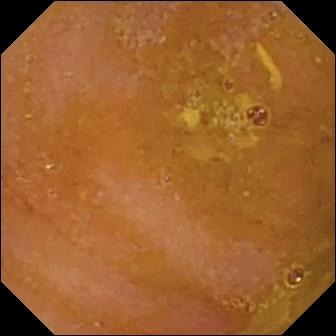Wireless capsule endoscopy — reduced mucosal view (content or bubbles obscuring the mucosa).